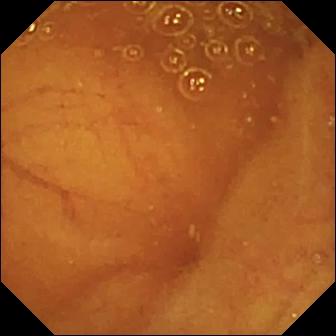Small-bowel capsule endoscopy view. Taken in the ileo-cecal valve region (where the capsule passes from the small bowel into the large bowel).